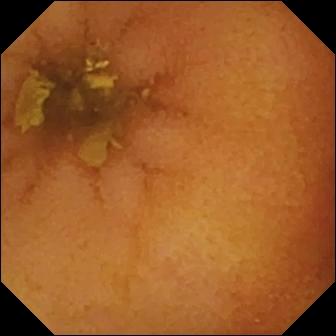Normal clean mucosa — video capsule endoscopy view.